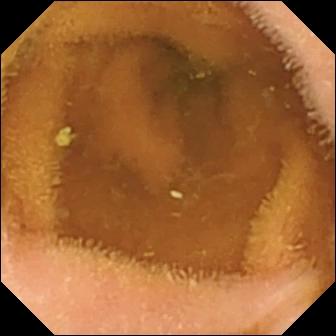- modality: video capsule endoscopy
- segment: small bowel
- impression: normal clean mucosa